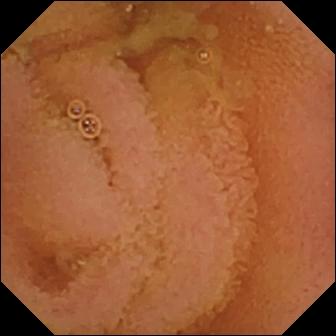Q: What does this WCE view of the small bowel show?
A: Normal clean mucosa.